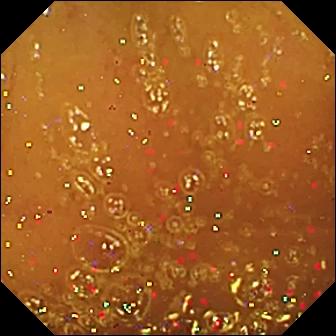Small-bowel capsule endoscopy — normal clean mucosa.